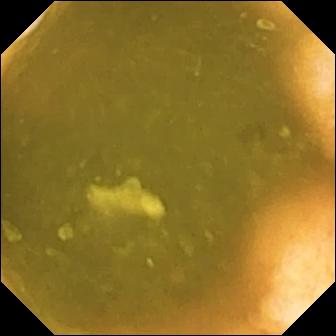PROCEDURE: VCE.
LABEL: Ileo-cecal valve region (where the capsule passes from the small bowel into the large bowel).